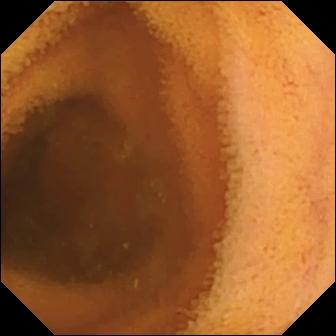Video capsule endoscopy. Small intestine. Finding: normal clean mucosa.